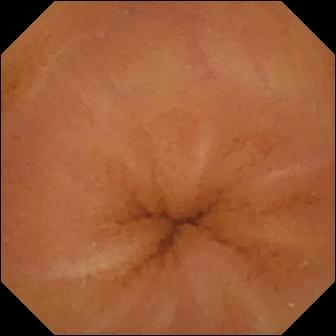Normal clean mucosa.